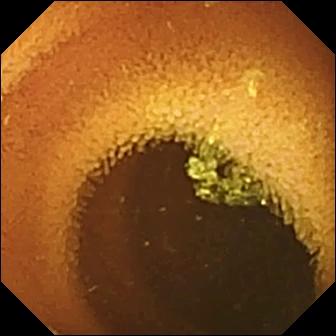- modality: small-bowel capsule endoscopy
- impression: normal clean mucosa